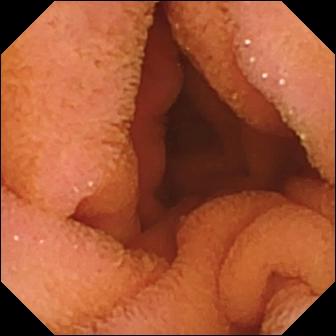VCE frame
Observation: normal clean mucosa